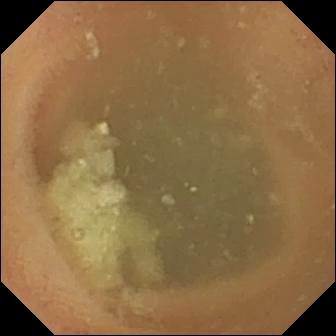Wireless capsule endoscopy snapshot, 336×336. Normal clean mucosa.